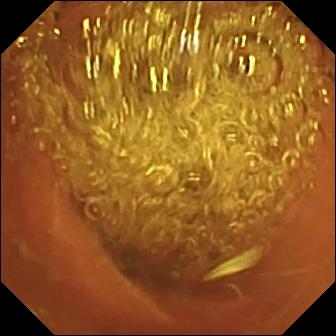{"modality": "capsule endoscopy", "finding": "normal clean mucosa"}